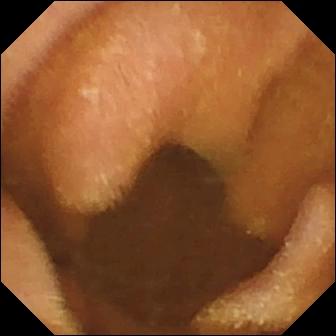VCE image showing normal clean mucosa.